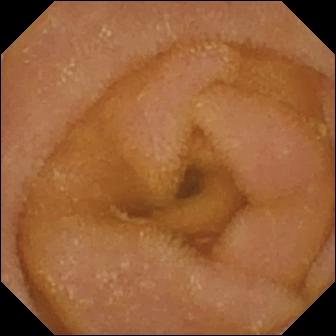VCE — normal clean mucosa.